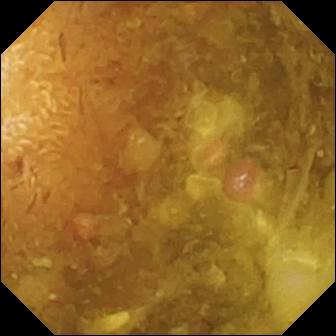Reduced mucosal view (content or bubbles obscuring the mucosa) — capsule endoscopy image.